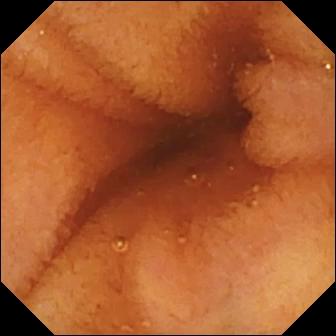modality: wireless capsule endoscopy
segment: small intestine
category: luminal finding
label: normal clean mucosa